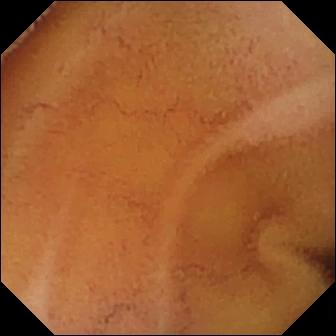Normal clean mucosa — WCE image of the small intestine.